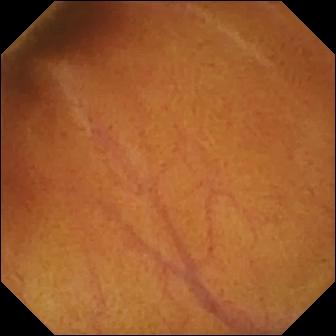VCE — normal clean mucosa.